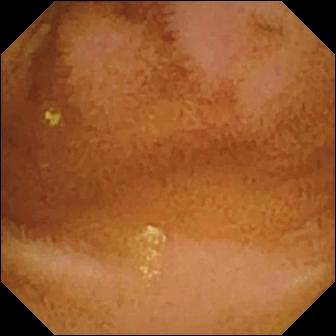Q: What does this VCE image show?
A: Normal clean mucosa.